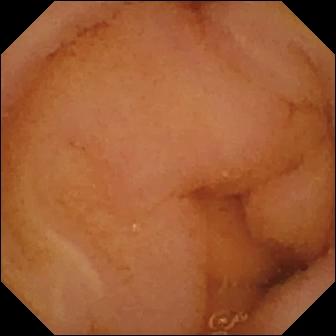{"modality": "wireless capsule endoscopy", "segment": "small bowel", "finding": "normal clean mucosa"}